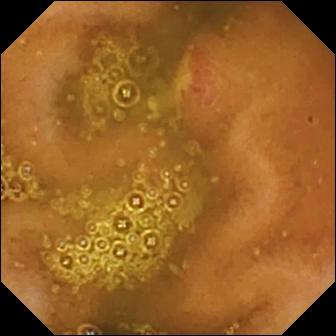Ulcer.